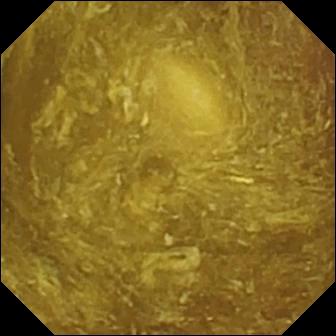Video capsule endoscopy still, 336×336. Reduced mucosal view (content or bubbles obscuring the mucosa).